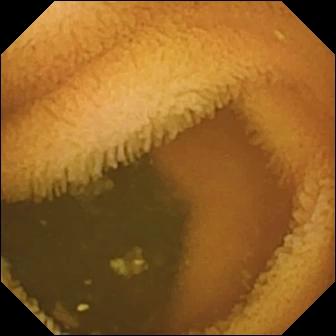Normal clean mucosa — WCE frame.